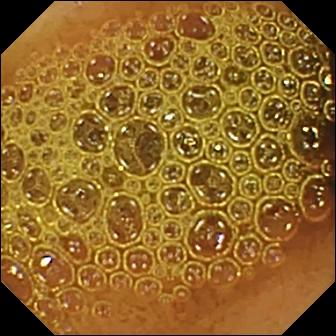WCE view of the small bowel showing reduced mucosal view (content or bubbles obscuring the mucosa).